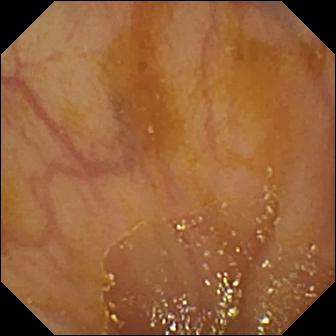modality: wireless capsule endoscopy | label: ileo-cecal valve region (the transition from the small bowel to the large bowel)